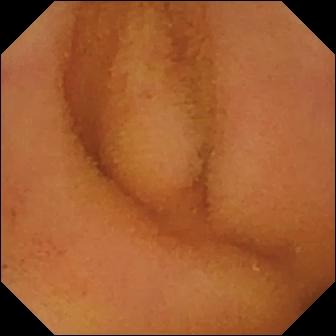{"modality": "wireless capsule endoscopy", "finding": "normal clean mucosa"}